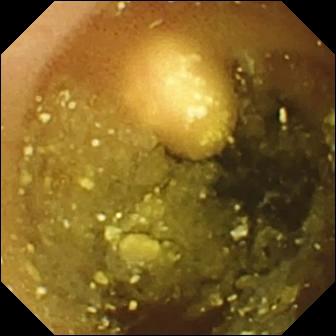modality: video capsule endoscopy | observation: lymphangiectasia